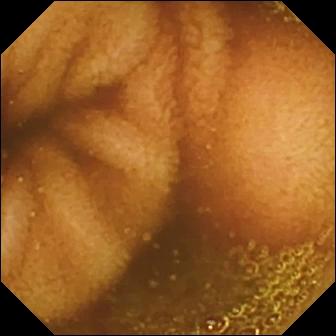PROCEDURE: Small-bowel capsule endoscopy.
FINDINGS: Normal clean mucosa.